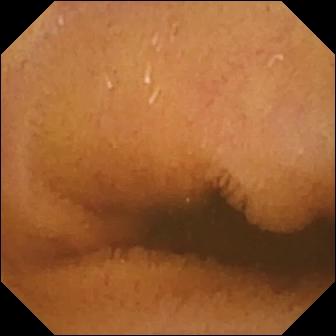modality: WCE
impression: normal clean mucosa